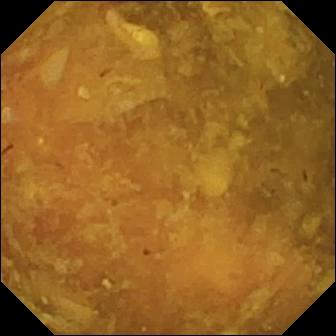PROCEDURE: WCE.
SEGMENT: Small bowel.
FINDINGS: Reduced mucosal view (content or bubbles obscuring the mucosa).